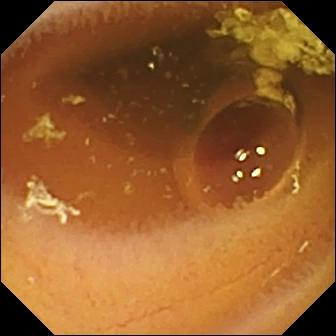Q: What does this video capsule endoscopy image of the small bowel show?
A: Normal clean mucosa.